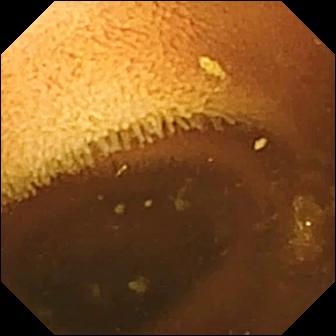Wireless capsule endoscopy snapshot, small bowel
Finding: normal clean mucosa